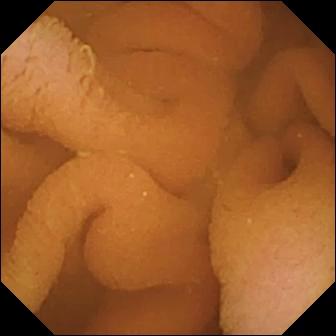This video capsule endoscopy still of the small bowel shows normal clean mucosa.